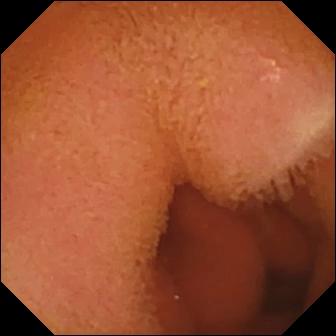Video capsule endoscopy. Label: normal clean mucosa.